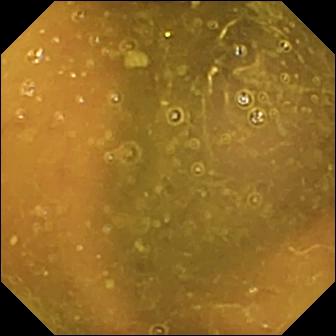Reduced mucosal view (content or bubbles obscuring the mucosa) — capsule endoscopy image.